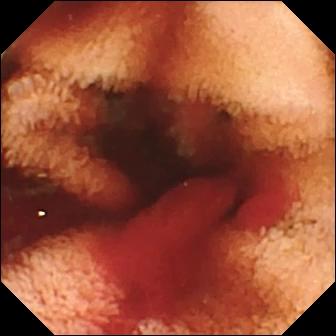PROCEDURE: Video capsule endoscopy.
FINDINGS: Fresh blood in the lumen.